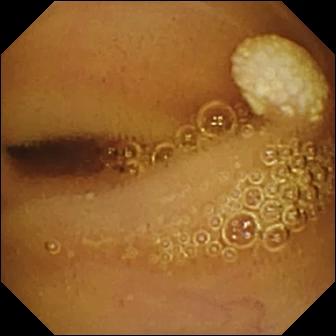Lymphangiectasia — wireless capsule endoscopy frame.